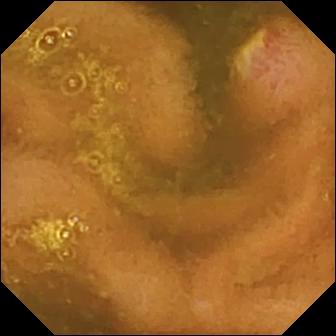PROCEDURE: Wireless capsule endoscopy.
FINDINGS: Ulcer.